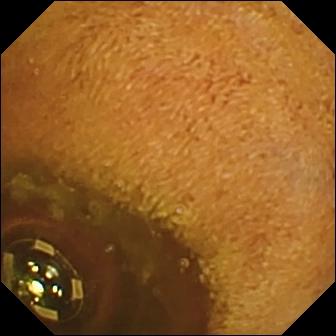WCE still, 336×336. Foreign body (e.g. retained capsule, tablet residue).